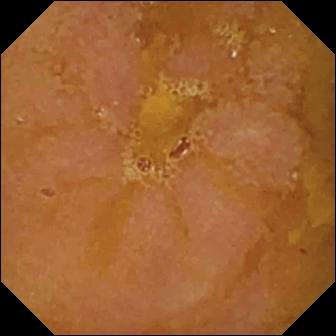Reduced mucosal view (content or bubbles obscuring the mucosa) (336×336).